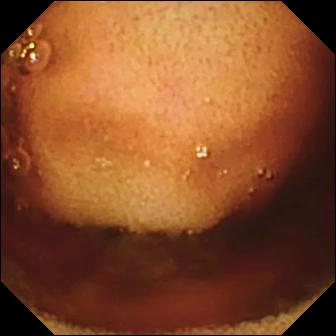Capsule endoscopy — ileo-cecal valve region (the transition from the small bowel to the large bowel).